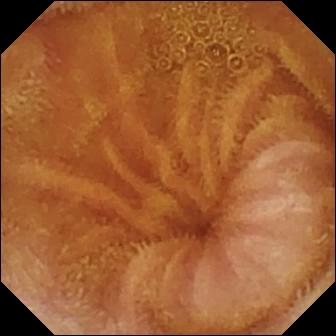Normal clean mucosa — VCE still.